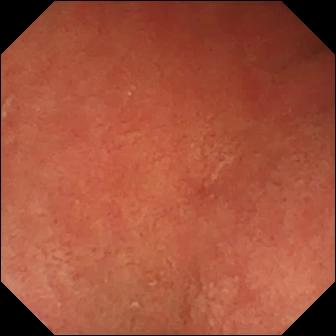modality: capsule endoscopy; category: anatomical landmark; video segment: pylorus region (the junction between the stomach and the small bowel)